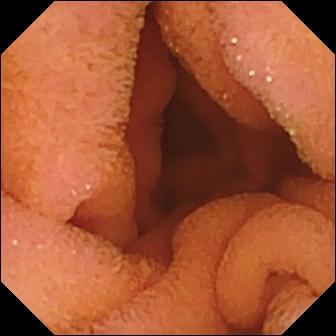Normal clean mucosa — VCE image.